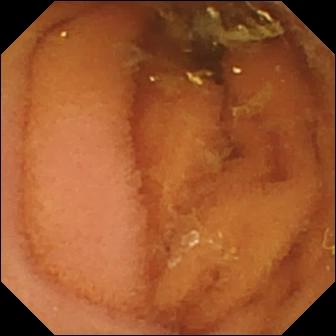Normal clean mucosa — VCE snapshot.